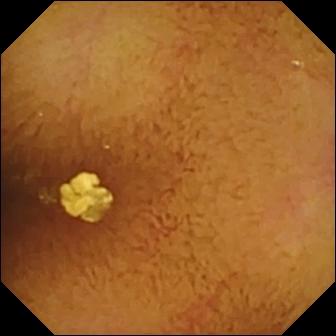Video capsule endoscopy. Observation: normal clean mucosa.